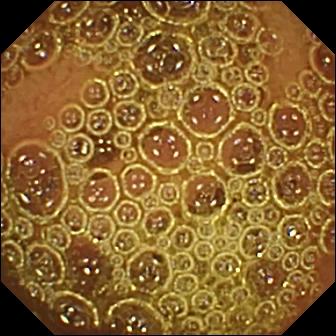VCE view, small bowel
Impression: normal clean mucosa